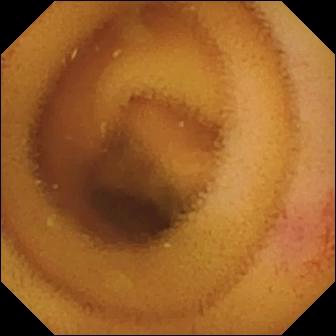Angiectasia.